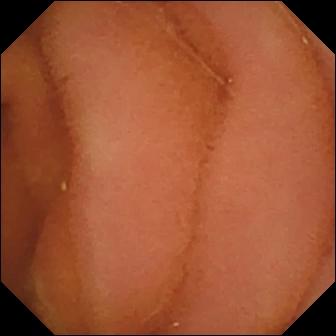modality: video capsule endoscopy; segment: small intestine; label: normal clean mucosa